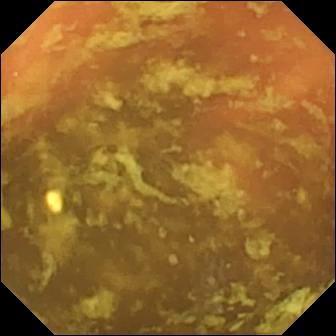Video capsule endoscopy snapshot
Location: ileo-cecal valve region (where the capsule passes from the small bowel into the large bowel)